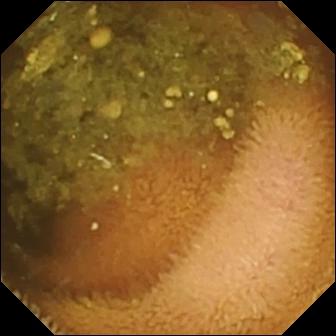Capsule endoscopy frame, small intestine
Observation: reduced mucosal view (content or bubbles obscuring the mucosa)